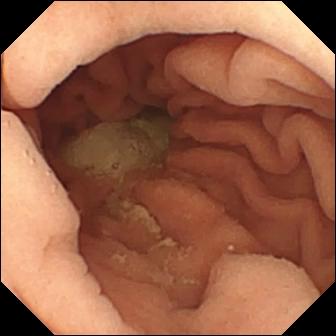WCE — pylorus region (the junction between the stomach and the small bowel).